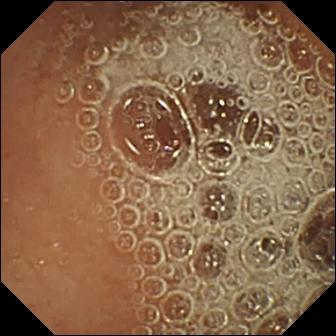Normal clean mucosa (336×336).